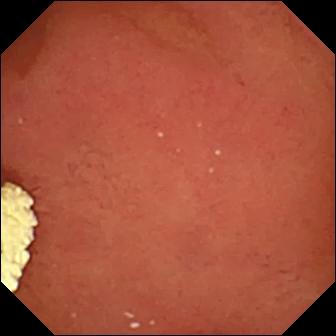modality: capsule endoscopy | label: pylorus region (the junction between the stomach and the small bowel)